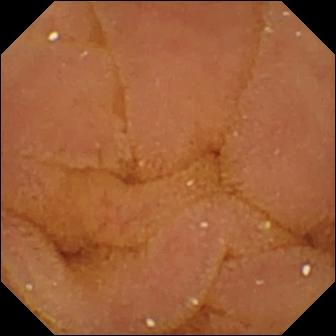modality: WCE | segment: small bowel | impression: normal clean mucosa